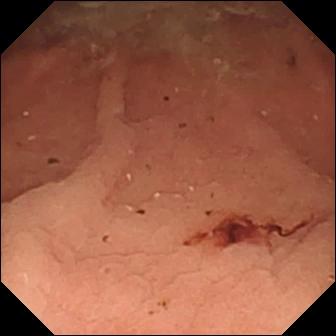Wireless capsule endoscopy image showing fresh blood in the lumen.